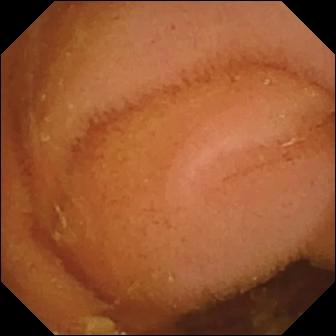PROCEDURE: WCE.
SEGMENT: Small bowel.
FINDINGS: Normal clean mucosa.